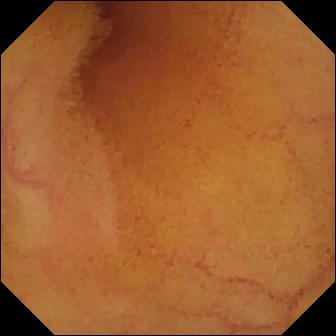{"modality": "capsule endoscopy", "finding": "normal clean mucosa"}